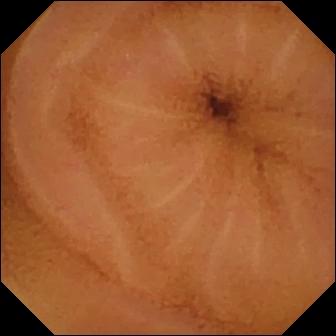Wireless capsule endoscopy — normal clean mucosa.